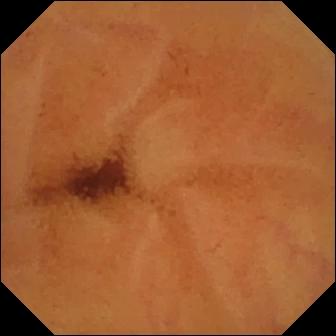Video capsule endoscopy image of the small bowel showing normal clean mucosa.